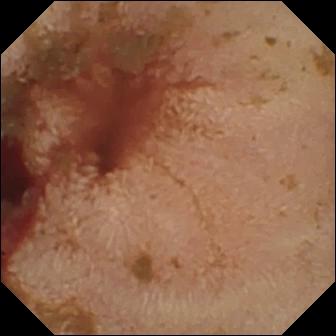Small-bowel capsule endoscopy. Luminal finding. Impression: fresh blood in the lumen.